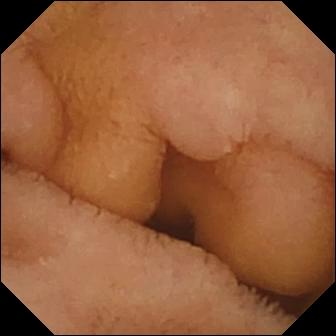PROCEDURE: Video capsule endoscopy.
SEGMENT: Small intestine.
FINDINGS: Normal clean mucosa.